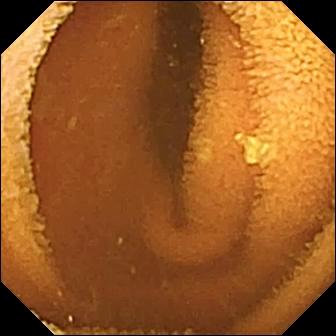Normal clean mucosa — wireless capsule endoscopy image of the small intestine.